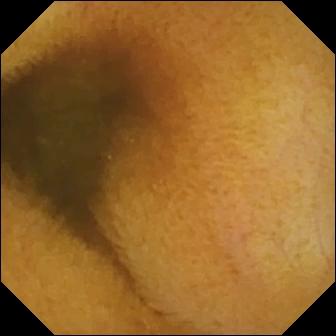Wireless capsule endoscopy still, small intestine
Impression: normal clean mucosa